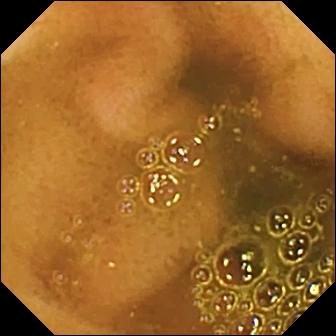Wireless capsule endoscopy. Position: ileo-cecal valve region (where the capsule passes from the small bowel into the large bowel).